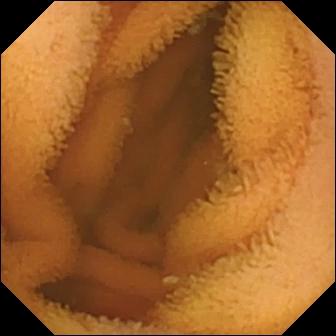VCE frame, small intestine
Impression: normal clean mucosa